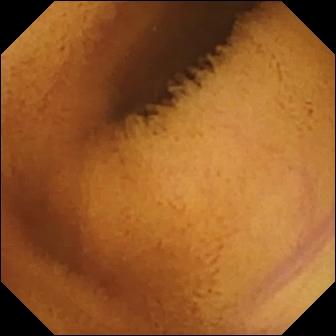Wireless capsule endoscopy. Observation: normal clean mucosa.